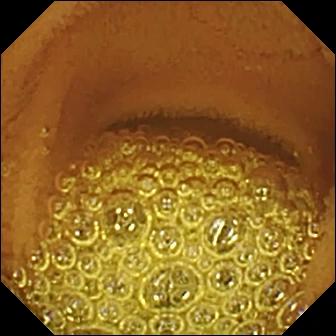VCE still (small intestine), 336×336. Normal clean mucosa.